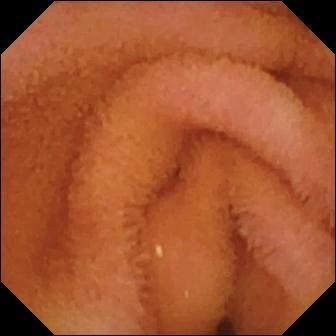{"modality": "small-bowel capsule endoscopy", "finding": "normal clean mucosa"}